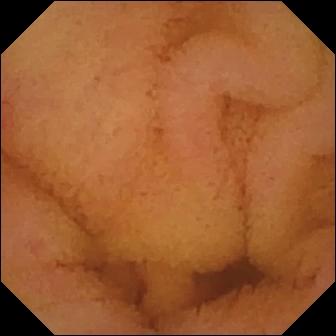Video capsule endoscopy image of the small bowel showing normal clean mucosa.